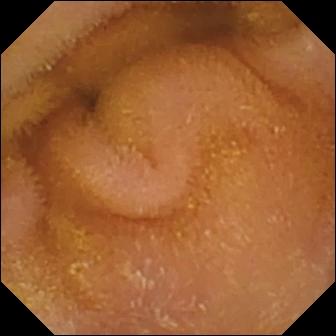VCE. Label: normal clean mucosa.